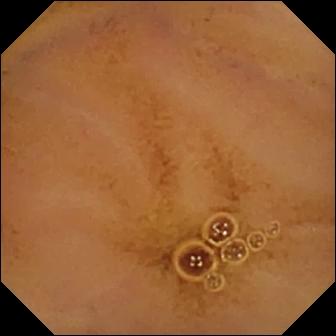Normal clean mucosa.